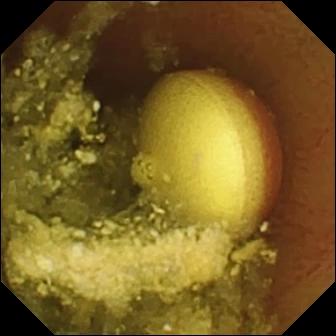PROCEDURE: Capsule endoscopy.
FINDINGS: Foreign body (e.g. retained capsule, tablet residue).